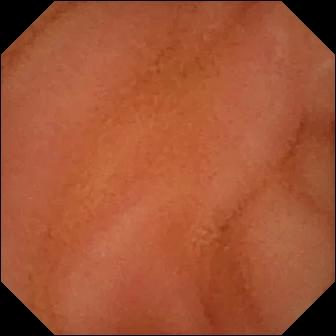This wireless capsule endoscopy image of the small bowel shows normal clean mucosa.